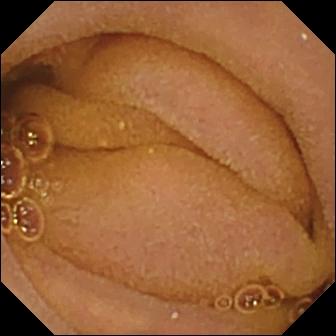modality: VCE | finding: normal clean mucosa